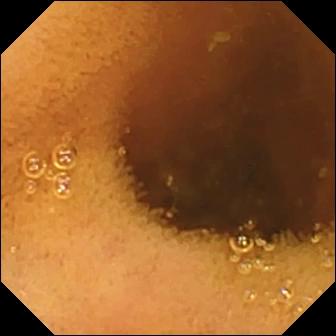Capsule endoscopy — normal clean mucosa.